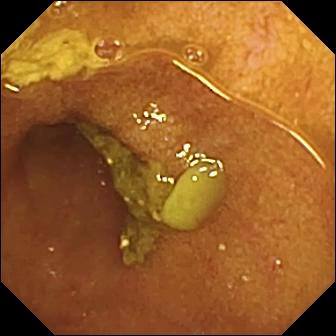{"modality": "capsule endoscopy", "category": "anatomical landmark", "label": "ileo-cecal valve region (the transition from the small bowel to the large bowel)"}